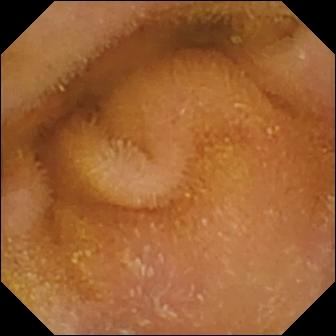- modality: small-bowel capsule endoscopy
- category: luminal finding
- finding: normal clean mucosa